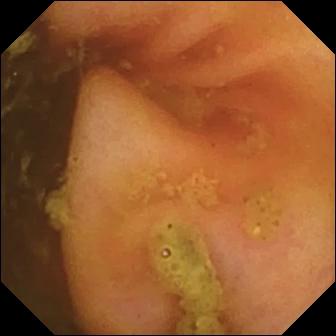WCE. Label: ileo-cecal valve region (where the capsule passes from the small bowel into the large bowel).